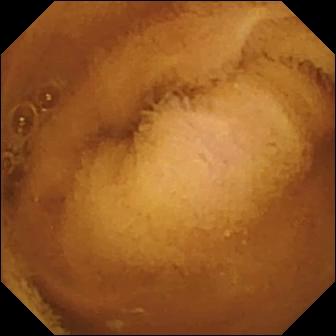- modality: small-bowel capsule endoscopy
- segment: small intestine
- finding: normal clean mucosa